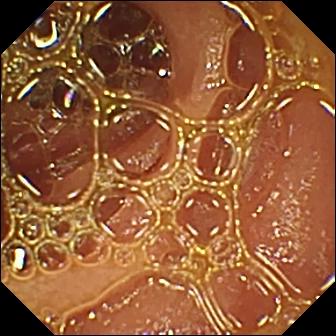Wireless capsule endoscopy. Observation: normal clean mucosa.